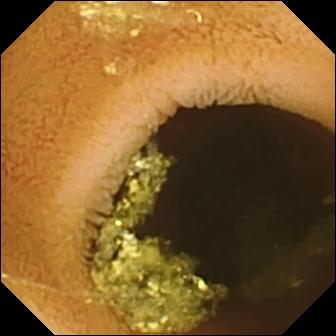VCE image (small bowel). Normal clean mucosa.